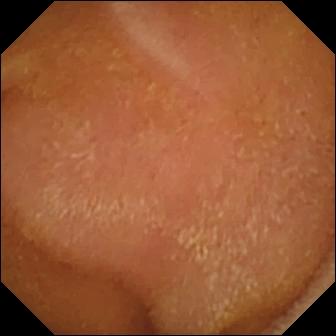Capsule endoscopy — normal clean mucosa.